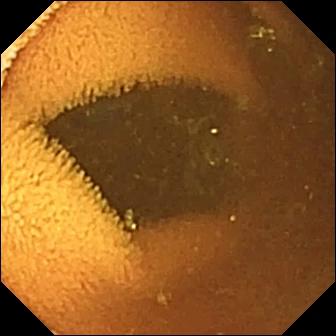This video capsule endoscopy view of the small intestine shows normal clean mucosa.